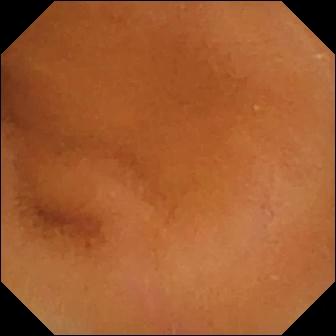modality: video capsule endoscopy
finding: normal clean mucosa